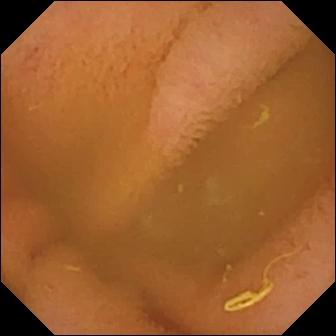Q: What does this video capsule endoscopy image show?
A: Normal clean mucosa.